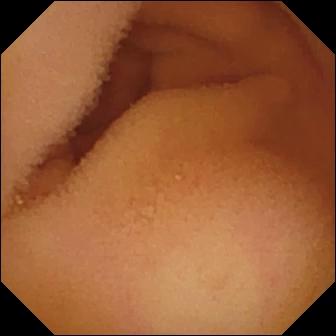- modality: video capsule endoscopy
- observation: normal clean mucosa